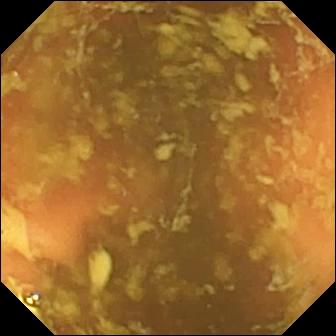This WCE still was taken in the ileo-cecal valve region (where the capsule passes from the small bowel into the large bowel).